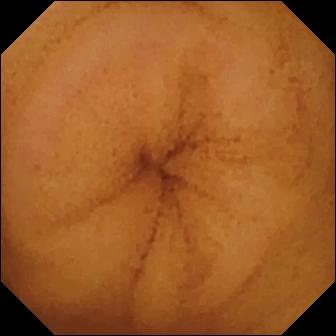- modality: video capsule endoscopy
- impression: normal clean mucosa